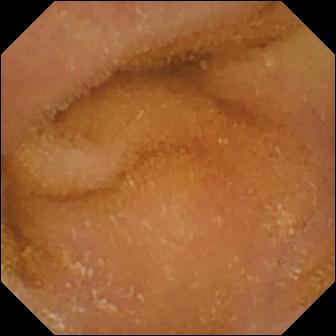WCE view
Finding: normal clean mucosa